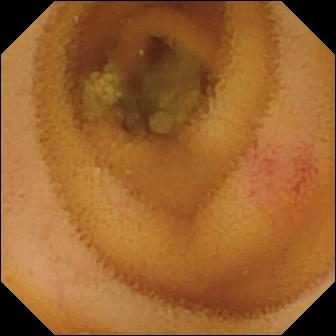- modality: video capsule endoscopy
- observation: angiectasia